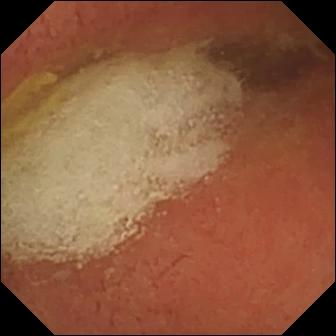Pylorus region (where the capsule passes from the stomach into the small bowel).